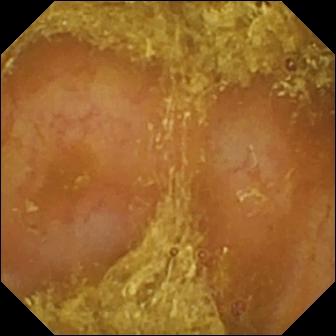modality: small-bowel capsule endoscopy; segment: small intestine; finding: reduced mucosal view (content or bubbles obscuring the mucosa)